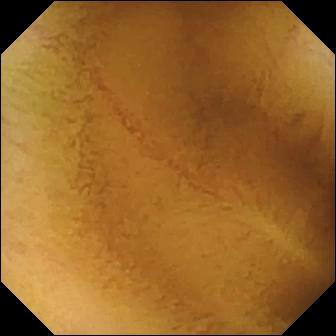WCE — normal clean mucosa.